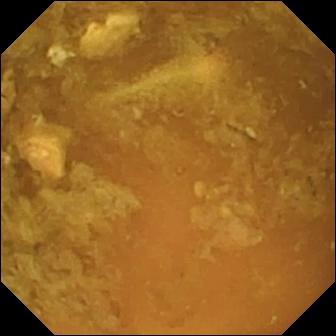{"modality": "wireless capsule endoscopy", "segment": "small bowel", "finding": "reduced mucosal view (content or bubbles obscuring the mucosa)"}